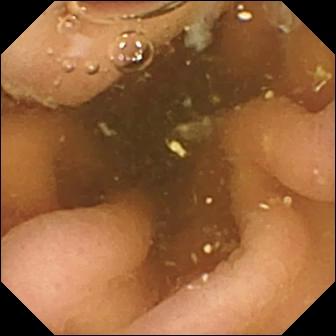Pylorus region.